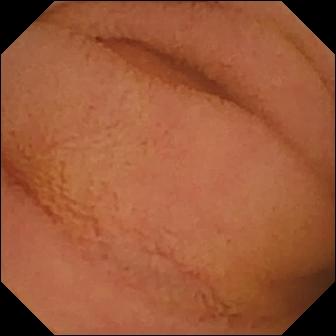Normal clean mucosa (336×336).